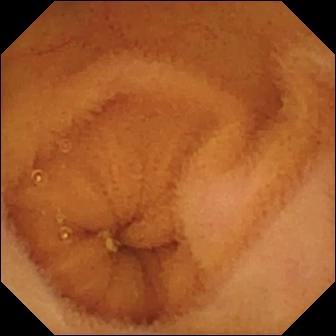{"modality": "WCE", "segment": "small bowel", "finding": "normal clean mucosa"}